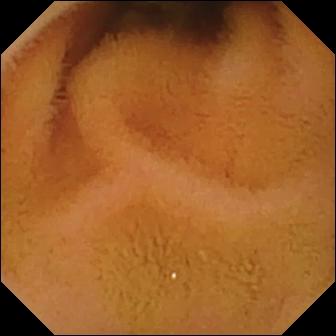WCE view of the small intestine showing normal clean mucosa.